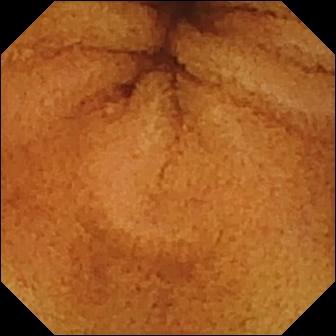Wireless capsule endoscopy. Observation: normal clean mucosa.